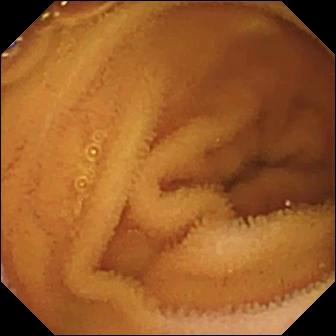PROCEDURE: WCE.
FINDINGS: Normal clean mucosa.